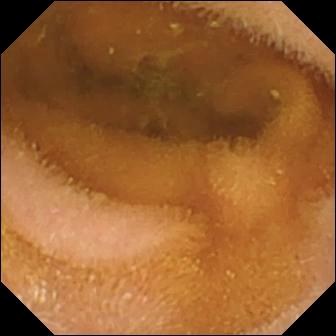This video capsule endoscopy still shows normal clean mucosa.